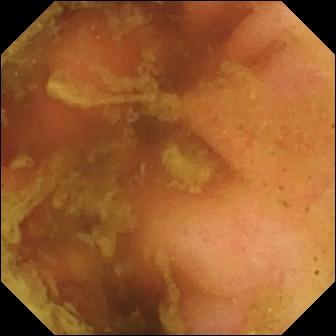- modality: video capsule endoscopy
- position: ileo-cecal valve region (the transition from the small bowel to the large bowel)